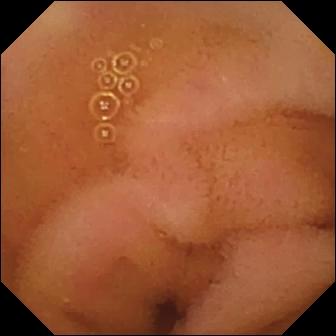Wireless capsule endoscopy. Small bowel. Luminal finding. Impression: normal clean mucosa.